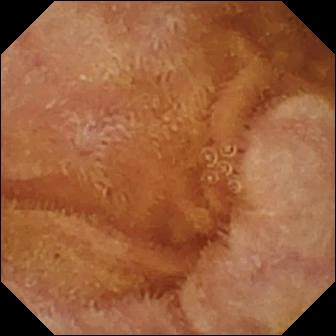{"modality": "WCE", "segment": "small bowel", "finding": "normal clean mucosa"}